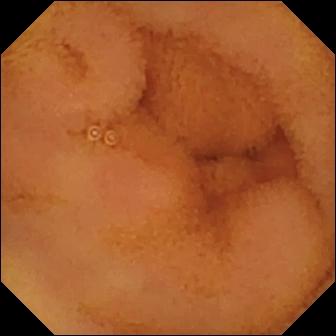This small-bowel capsule endoscopy still shows normal clean mucosa.